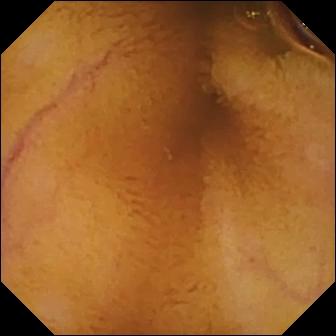This WCE image of the small bowel shows normal clean mucosa.